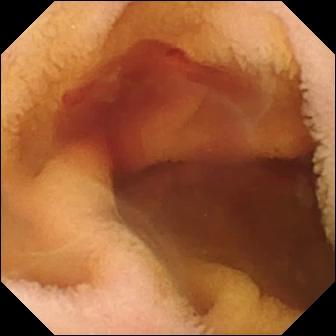VCE view, 336×336. Fresh blood in the lumen.